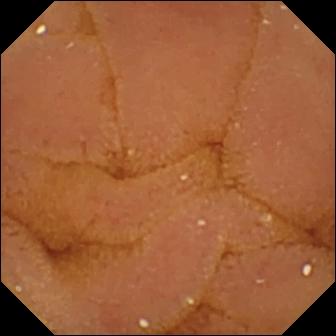Normal clean mucosa.